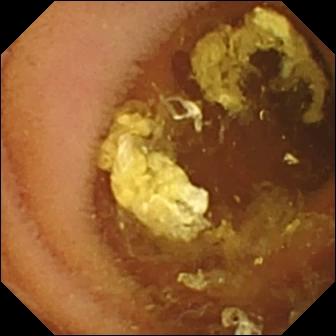- modality: WCE
- segment: small bowel
- category: luminal finding
- label: normal clean mucosa